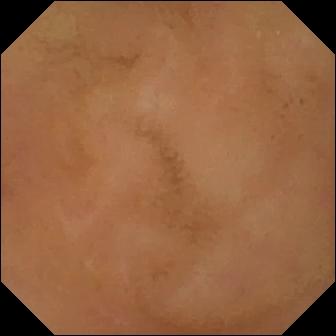Video capsule endoscopy — normal clean mucosa.